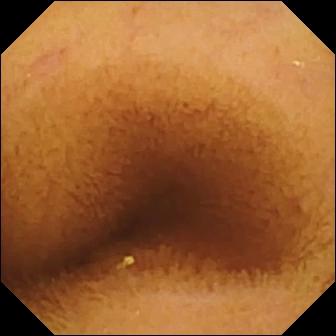Wireless capsule endoscopy. Label: normal clean mucosa.